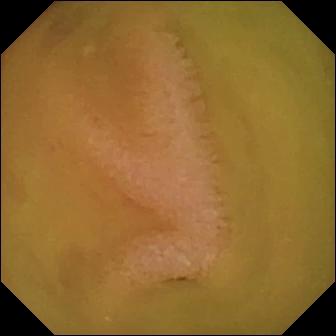PROCEDURE: Small-bowel capsule endoscopy.
SEGMENT: Small intestine.
FINDINGS: Normal clean mucosa.